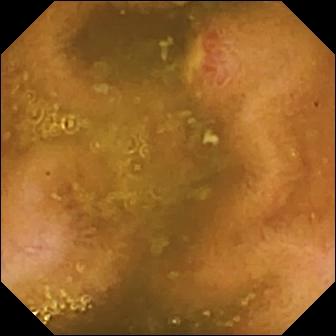Q: What does this video capsule endoscopy snapshot show?
A: Ulcer.